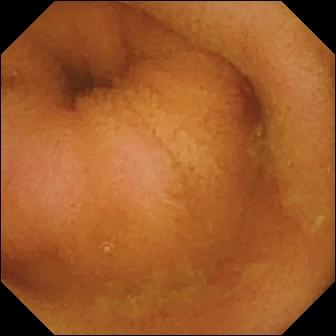This WCE still of the small intestine shows normal clean mucosa.